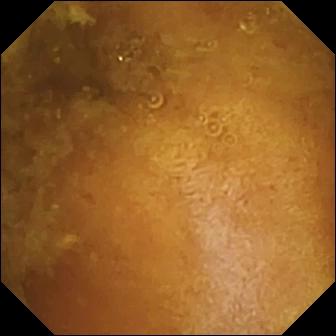VCE — reduced mucosal view (content or bubbles obscuring the mucosa).